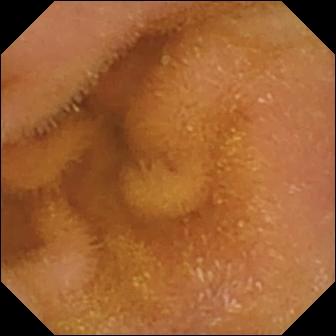Normal clean mucosa — wireless capsule endoscopy frame of the small intestine.